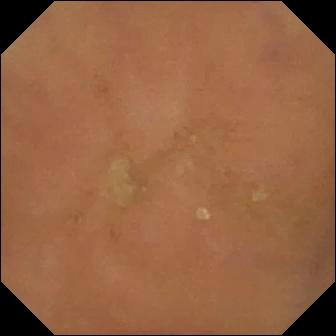WCE. Small intestine. Label: normal clean mucosa.